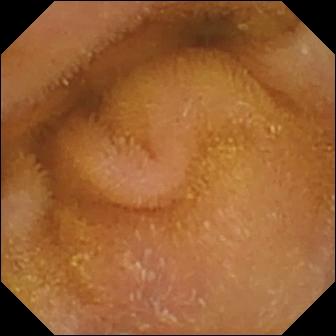PROCEDURE: Small-bowel capsule endoscopy.
SEGMENT: Small intestine.
FINDINGS: Normal clean mucosa.